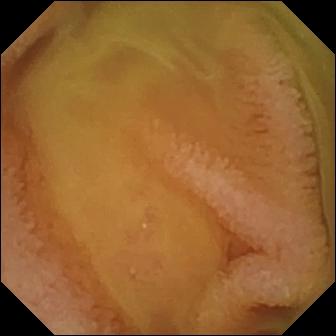WCE. Small bowel. Observation: normal clean mucosa.